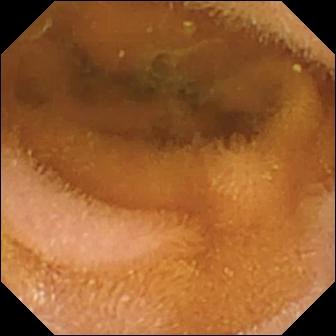Capsule endoscopy. Small bowel. Observation: normal clean mucosa.